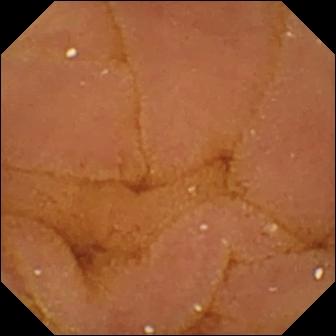modality: WCE | label: normal clean mucosa